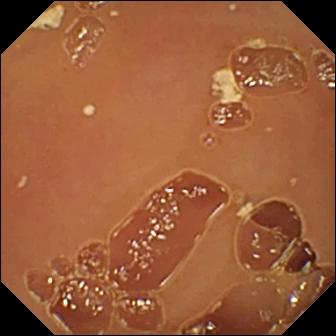Q: What does this small-bowel capsule endoscopy image show?
A: Normal clean mucosa.